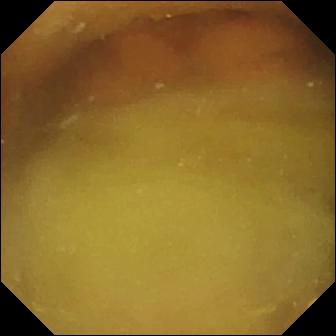- modality: wireless capsule endoscopy
- segment: small intestine
- observation: normal clean mucosa